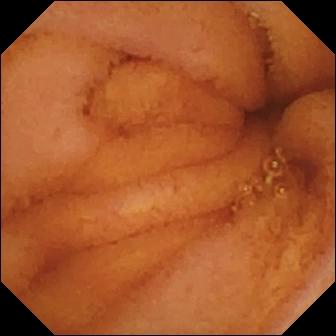VCE image (small intestine). Normal clean mucosa.